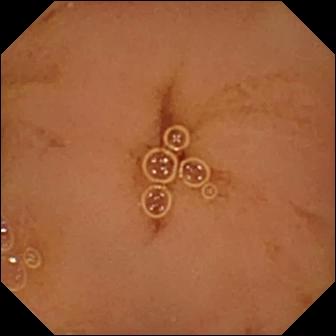This capsule endoscopy frame of the small bowel shows normal clean mucosa.